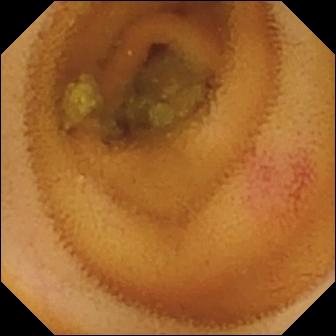Angiectasia (336×336).